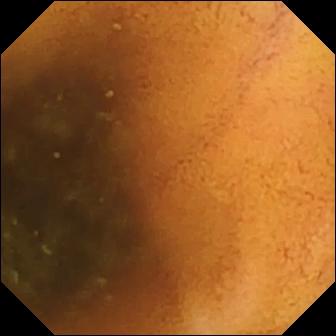This video capsule endoscopy snapshot shows normal clean mucosa.